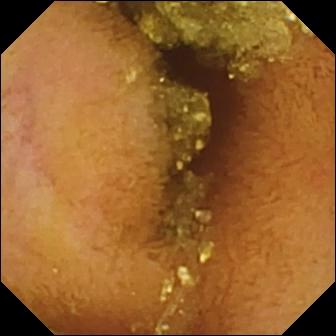Video capsule endoscopy frame of the small intestine showing normal clean mucosa.